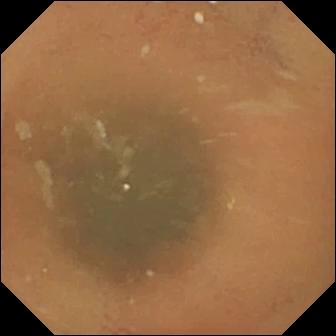Normal clean mucosa.